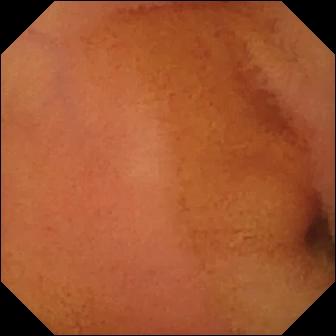Normal clean mucosa — wireless capsule endoscopy view.